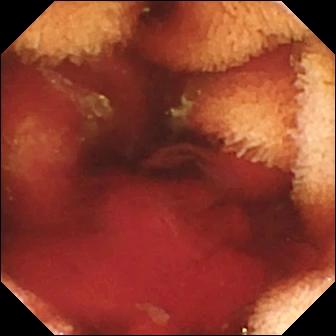{"modality": "WCE", "category": "luminal finding", "finding": "fresh blood in the lumen"}